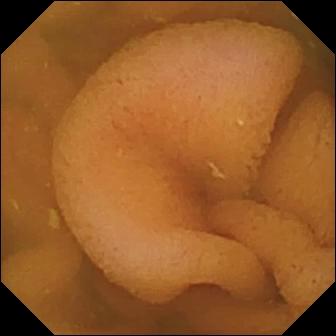WCE. Small intestine. Finding: normal clean mucosa.